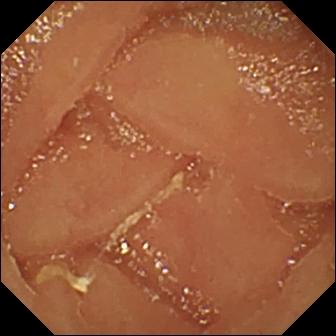Capsule endoscopy image (small bowel). Normal clean mucosa.